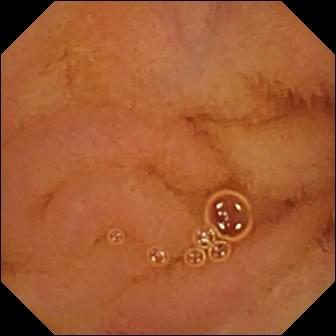This wireless capsule endoscopy still of the small intestine shows normal clean mucosa.